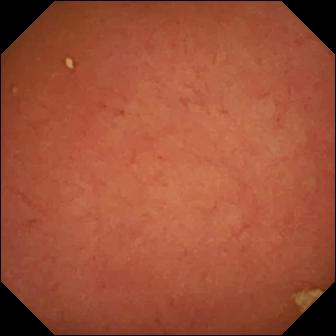Wireless capsule endoscopy snapshot. Taken in the pylorus region (where the capsule passes from the stomach into the small bowel).